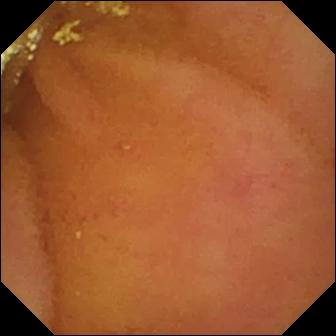Video capsule endoscopy — normal clean mucosa.